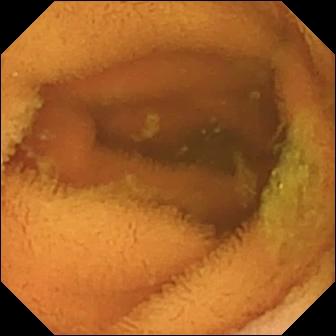- modality: small-bowel capsule endoscopy
- category: luminal finding
- finding: normal clean mucosa